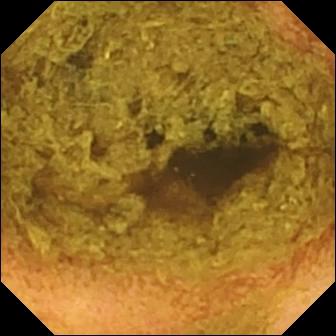Capsule endoscopy view showing normal clean mucosa.